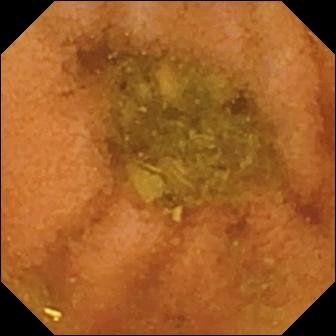modality: WCE; segment: small bowel; observation: normal clean mucosa